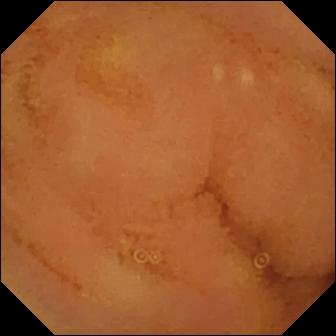Normal clean mucosa — wireless capsule endoscopy view of the small bowel.